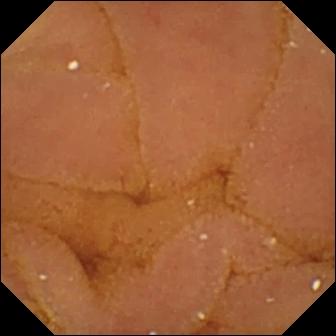PROCEDURE: Video capsule endoscopy.
FINDINGS: Normal clean mucosa.